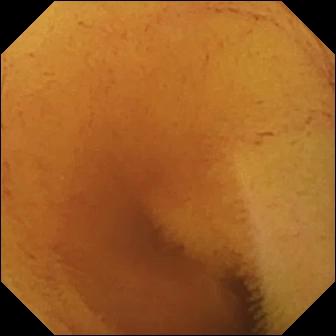{"modality": "video capsule endoscopy", "segment": "small intestine", "finding": "normal clean mucosa"}